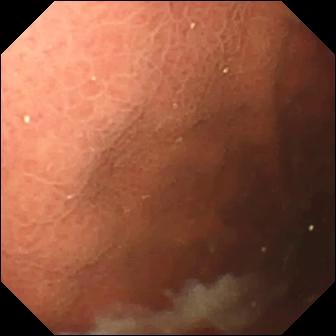Wireless capsule endoscopy still
Label: pylorus region